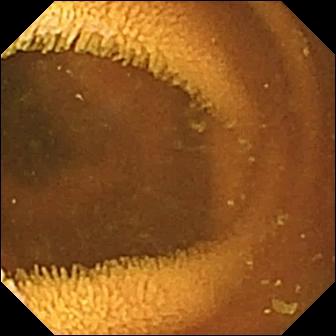modality: wireless capsule endoscopy | finding: normal clean mucosa